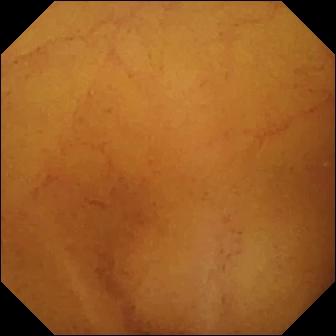Normal clean mucosa.